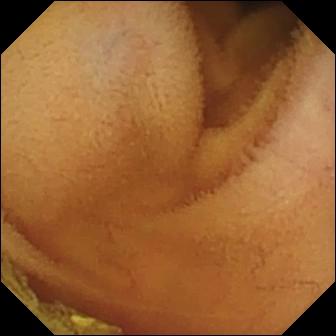Q: What does this video capsule endoscopy still of the small bowel show?
A: Normal clean mucosa.